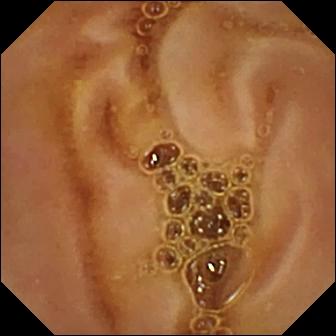{"modality": "wireless capsule endoscopy", "finding": "normal clean mucosa"}